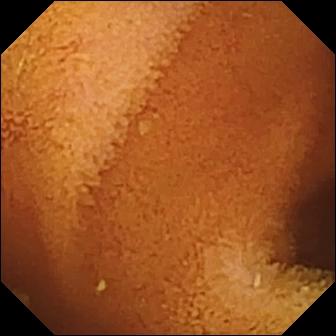PROCEDURE: Wireless capsule endoscopy.
FINDINGS: Normal clean mucosa.